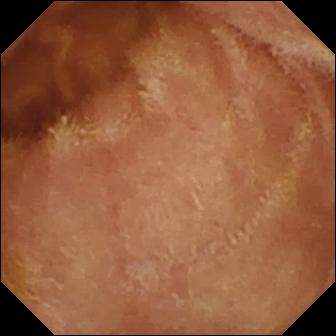- modality: WCE
- segment: small bowel
- category: luminal finding
- finding: normal clean mucosa